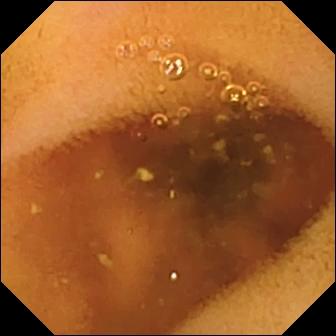Small-bowel capsule endoscopy view of the small bowel showing normal clean mucosa.